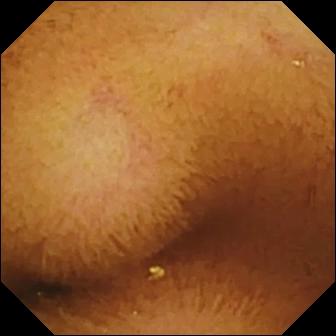Normal clean mucosa — small-bowel capsule endoscopy still.